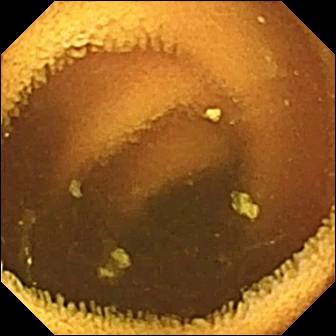Small-bowel capsule endoscopy image showing normal clean mucosa.